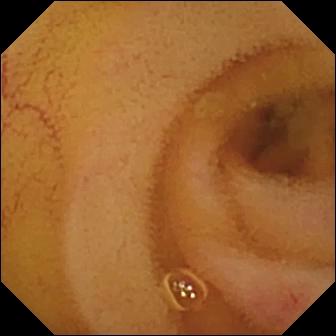WCE frame. Angiectasia.